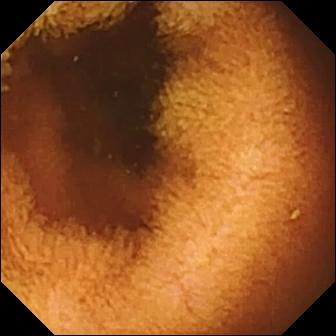- modality: WCE
- impression: normal clean mucosa